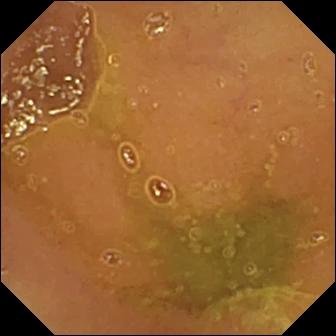- modality: small-bowel capsule endoscopy
- segment: small bowel
- observation: normal clean mucosa